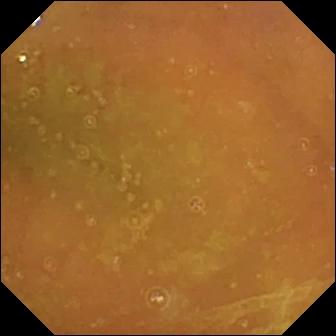PROCEDURE: Video capsule endoscopy.
SEGMENT: Small intestine.
FINDINGS: Normal clean mucosa.